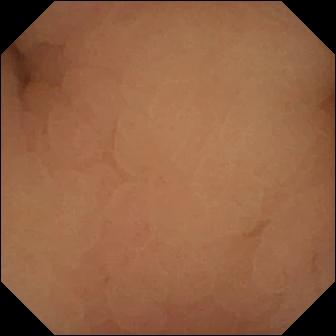{"modality": "wireless capsule endoscopy", "label": "pylorus region (the junction between the stomach and the small bowel)"}